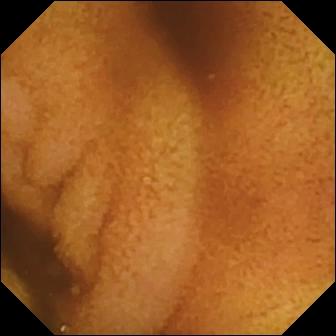Video capsule endoscopy snapshot of the small intestine showing normal clean mucosa.